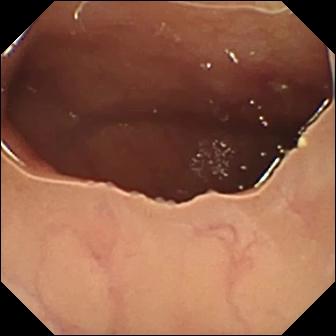Wireless capsule endoscopy still showing ulcer.